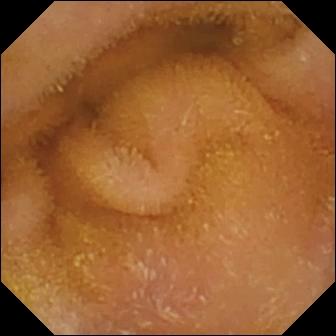Video capsule endoscopy. Label: normal clean mucosa.